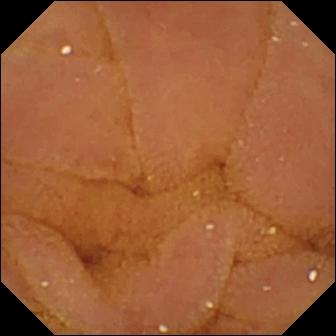Wireless capsule endoscopy view, small intestine
Finding: normal clean mucosa